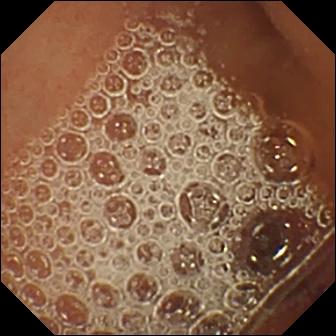This capsule endoscopy frame shows normal clean mucosa.